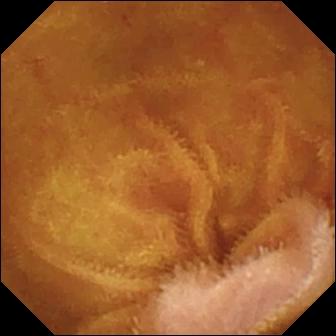- modality: video capsule endoscopy
- segment: small intestine
- impression: normal clean mucosa